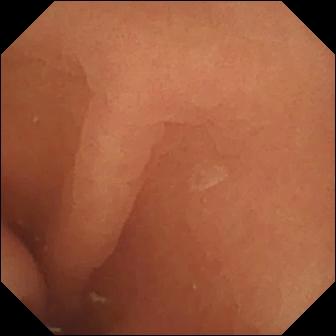Small-bowel capsule endoscopy — normal clean mucosa.